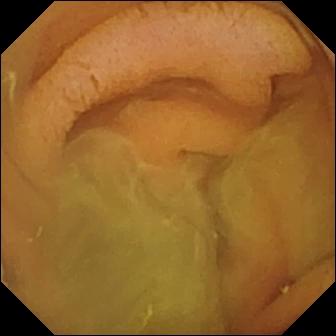Normal clean mucosa.